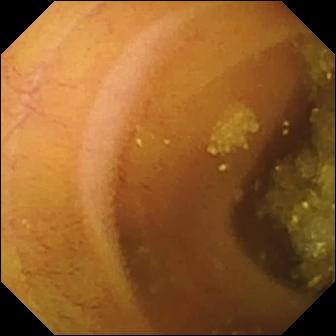Video capsule endoscopy view showing lymphangiectasia.